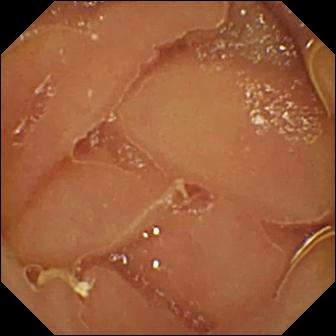Q: What does this VCE view of the small intestine show?
A: Normal clean mucosa.